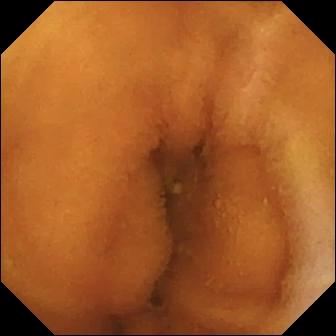{"modality": "WCE", "segment": "small bowel", "finding": "normal clean mucosa"}